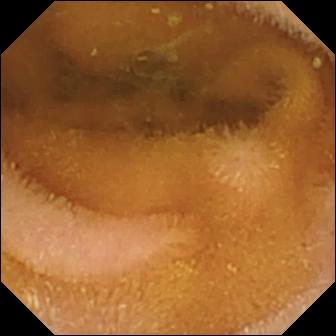Q: What does this WCE snapshot show?
A: Normal clean mucosa.